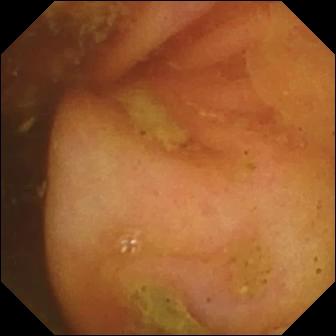Video capsule endoscopy view taken in the ileo-cecal valve region.